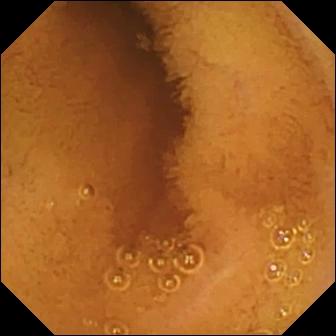Wireless capsule endoscopy frame showing normal clean mucosa.